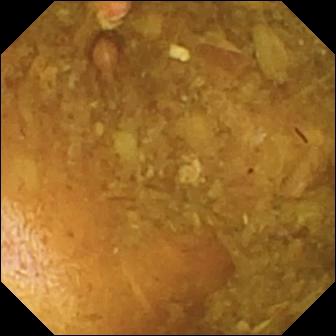Wireless capsule endoscopy view of the small bowel showing reduced mucosal view (content or bubbles obscuring the mucosa).